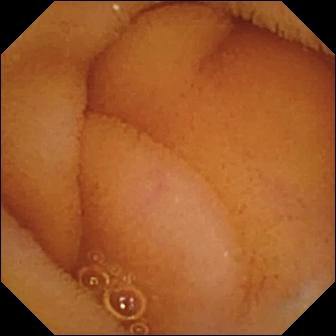modality: small-bowel capsule endoscopy; segment: small bowel; label: normal clean mucosa